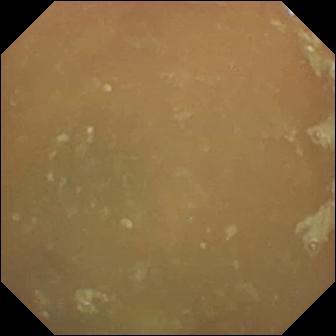Normal clean mucosa.